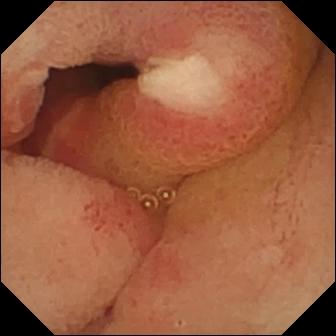Wireless capsule endoscopy frame
Finding: ulcer